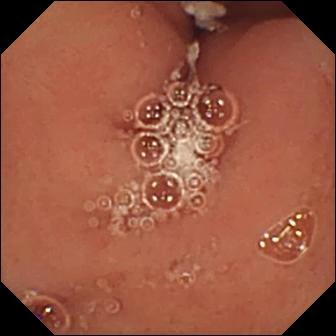Video capsule endoscopy snapshot
Location: pylorus region